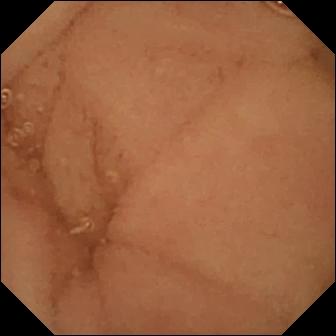- modality: WCE
- label: normal clean mucosa